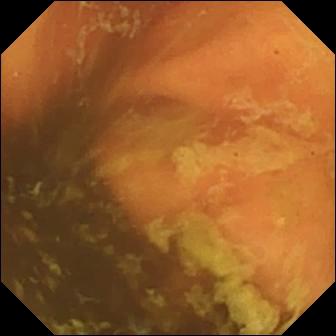Small-bowel capsule endoscopy view
Location: ileo-cecal valve region (the transition from the small bowel to the large bowel)